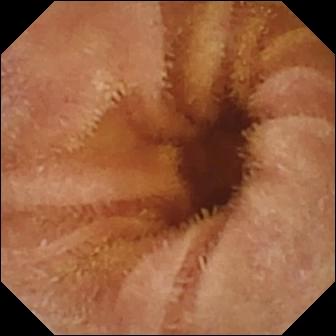WCE view, small bowel
Observation: normal clean mucosa